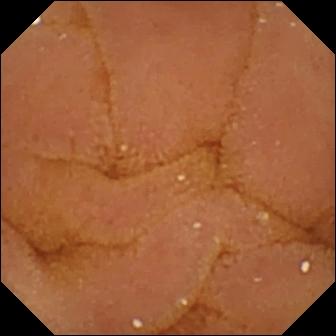Video capsule endoscopy image showing normal clean mucosa.